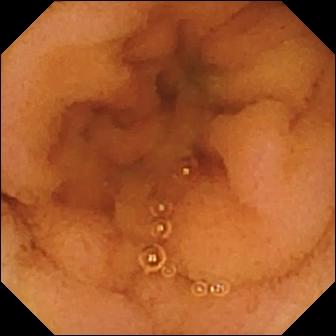Video capsule endoscopy frame, small bowel
Impression: normal clean mucosa